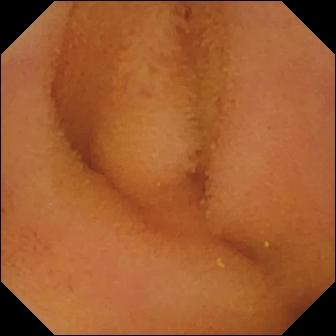- modality: small-bowel capsule endoscopy
- observation: normal clean mucosa